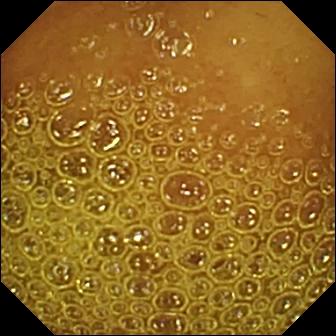This video capsule endoscopy image shows normal clean mucosa.